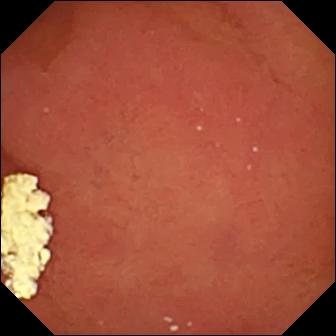Capsule endoscopy still taken in the pylorus region (where the capsule passes from the stomach into the small bowel).